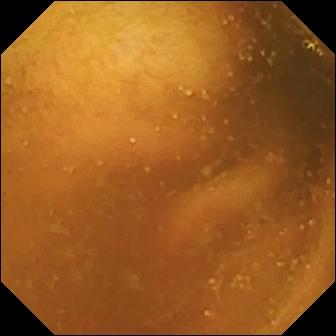Wireless capsule endoscopy. Impression: normal clean mucosa.